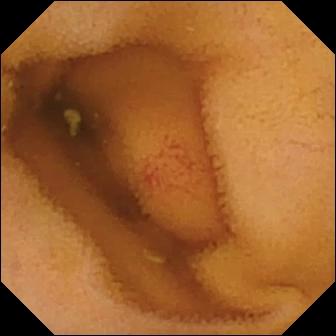Q: What does this wireless capsule endoscopy snapshot show?
A: Angiectasia.